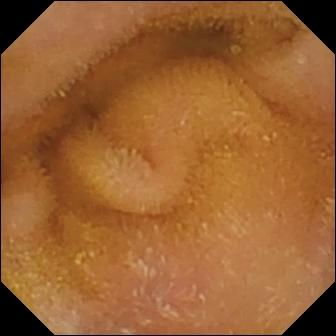Capsule endoscopy. Impression: normal clean mucosa.